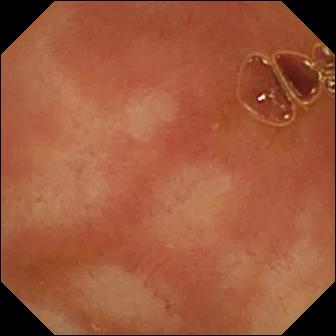- modality: wireless capsule endoscopy
- category: anatomical landmark
- location: ileo-cecal valve region